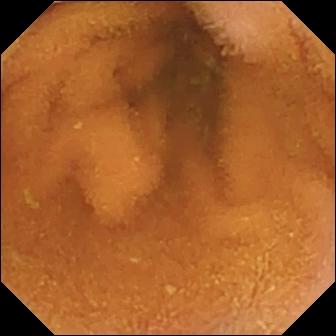Capsule endoscopy. Small intestine. Luminal finding. Finding: normal clean mucosa.